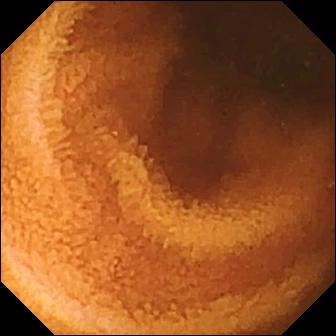- modality: capsule endoscopy
- segment: small intestine
- label: normal clean mucosa